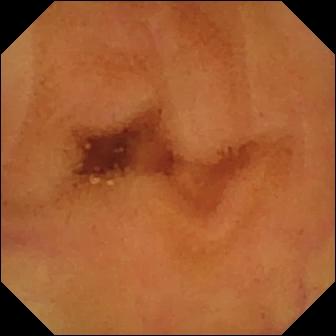Wireless capsule endoscopy. Luminal finding. Finding: normal clean mucosa.